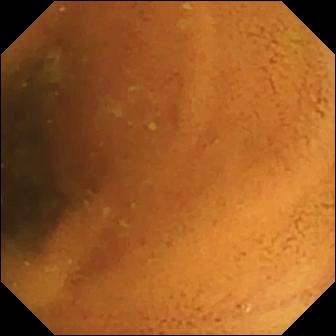- modality: wireless capsule endoscopy
- finding: normal clean mucosa